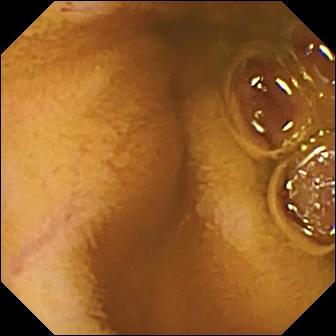Capsule endoscopy — normal clean mucosa.